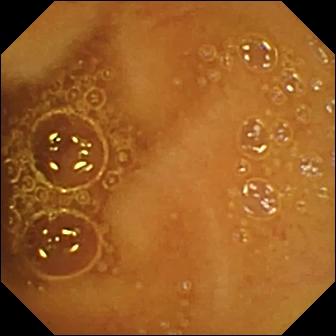WCE. Small intestine. Impression: normal clean mucosa.